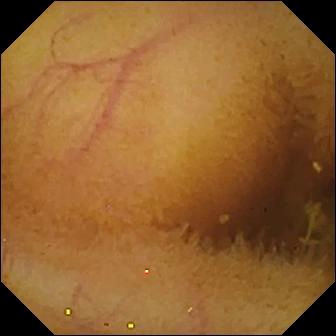Video capsule endoscopy still of the small bowel showing normal clean mucosa.